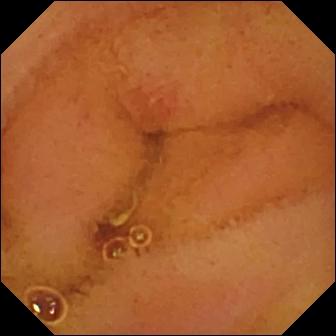Q: What does this video capsule endoscopy snapshot show?
A: Erosion.